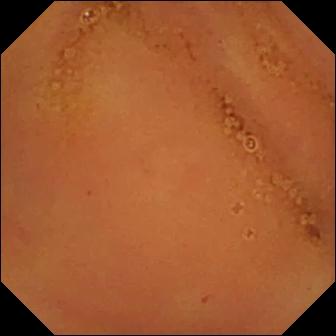Video capsule endoscopy frame, small bowel
Finding: normal clean mucosa